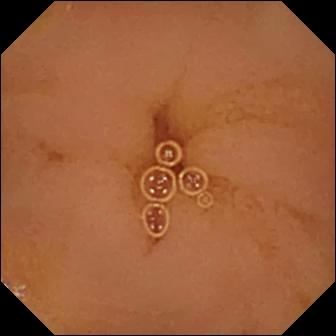WCE. Small bowel. Observation: normal clean mucosa.